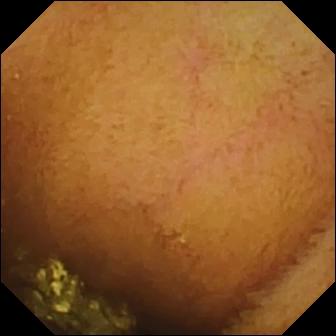Small-bowel capsule endoscopy view, small intestine
Finding: normal clean mucosa